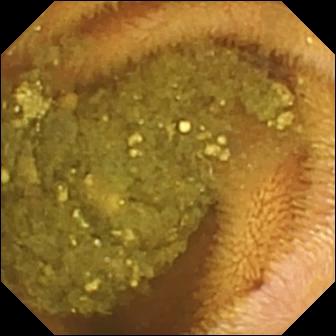Video capsule endoscopy — reduced mucosal view (content or bubbles obscuring the mucosa).